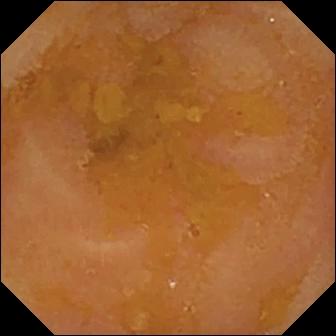Reduced mucosal view (content or bubbles obscuring the mucosa).